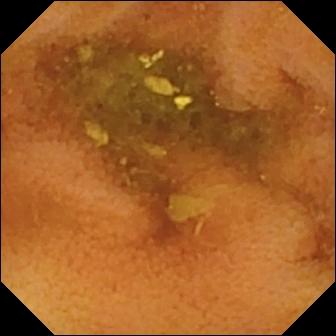Normal clean mucosa.